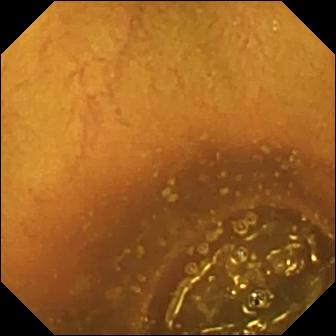- modality: capsule endoscopy
- category: luminal finding
- observation: normal clean mucosa